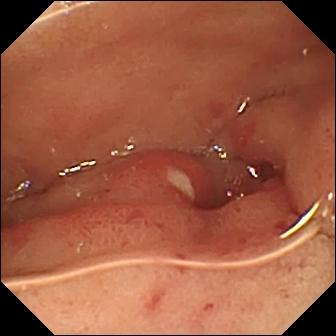Small-bowel capsule endoscopy. Impression: ulcer.